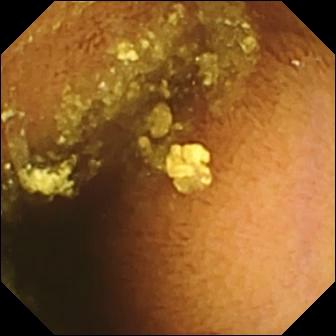Normal clean mucosa — small-bowel capsule endoscopy image of the small intestine.